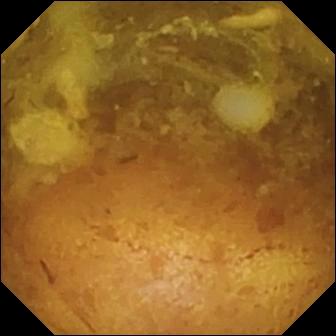Reduced mucosal view (content or bubbles obscuring the mucosa).